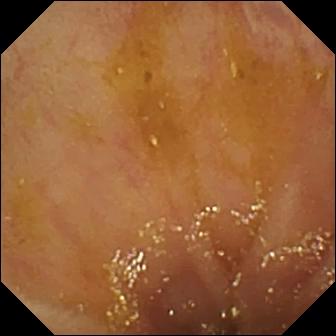Q: Where in the digestive tract was this wireless capsule endoscopy frame taken?
A: Ileo-cecal valve region (where the capsule passes from the small bowel into the large bowel).